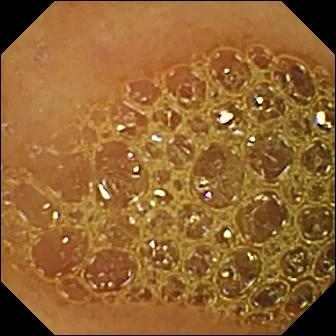{"modality": "small-bowel capsule endoscopy", "segment": "small intestine", "finding": "reduced mucosal view (content or bubbles obscuring the mucosa)"}